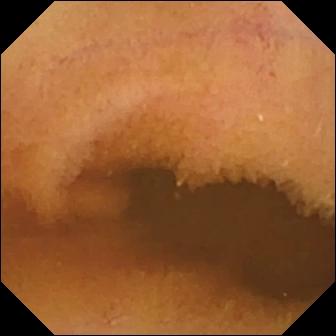PROCEDURE: WCE.
SEGMENT: Small bowel.
FINDINGS: Normal clean mucosa.